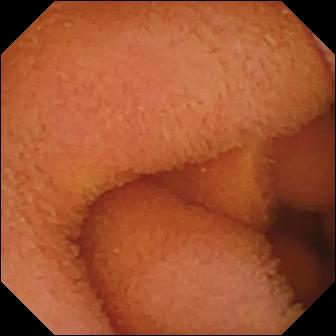Normal clean mucosa.